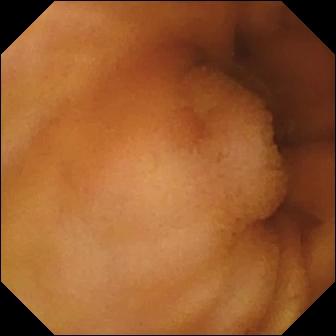- modality: VCE
- category: luminal finding
- observation: normal clean mucosa